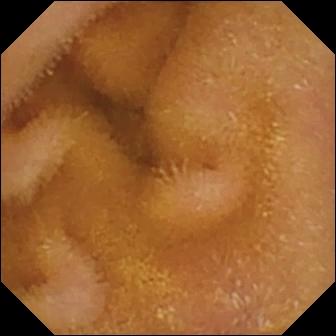Video capsule endoscopy — normal clean mucosa.